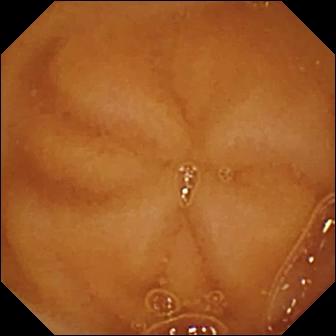{"modality": "capsule endoscopy", "finding": "normal clean mucosa"}